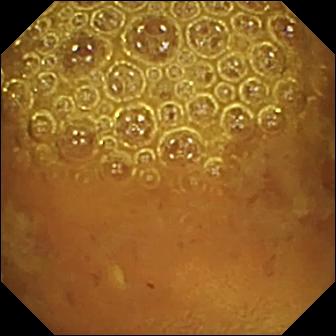Video capsule endoscopy. Small bowel. Observation: reduced mucosal view (content or bubbles obscuring the mucosa).